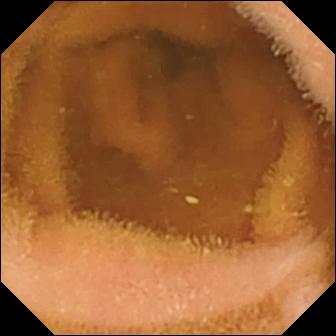This small-bowel capsule endoscopy image of the small intestine shows normal clean mucosa.